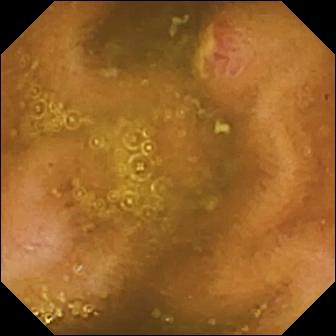Wireless capsule endoscopy — ulcer.